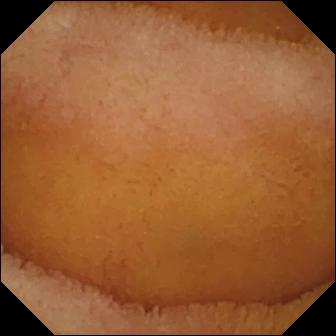This VCE image shows normal clean mucosa.